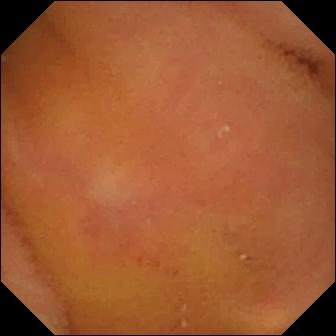Capsule endoscopy snapshot, small bowel
Impression: normal clean mucosa